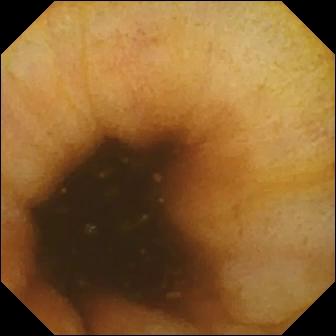Capsule endoscopy. Location: ileo-cecal valve region.